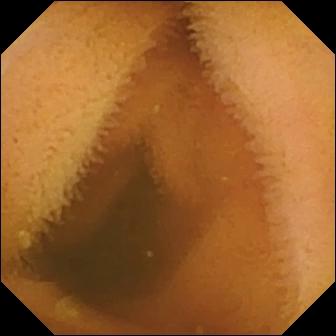Wireless capsule endoscopy snapshot of the small intestine showing normal clean mucosa.